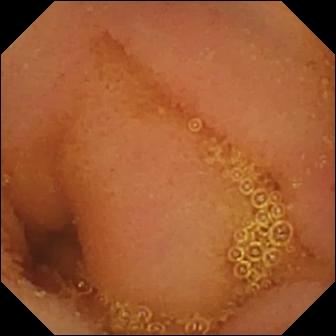Normal clean mucosa — video capsule endoscopy frame of the small bowel.